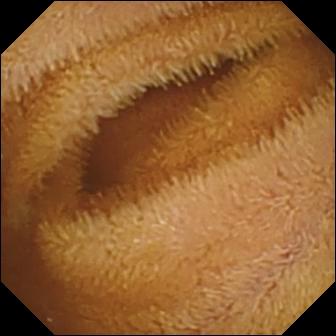PROCEDURE: Capsule endoscopy.
SEGMENT: Small bowel.
FINDINGS: Normal clean mucosa.